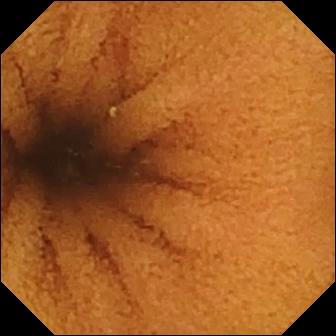Video capsule endoscopy frame, 336×336. Normal clean mucosa.